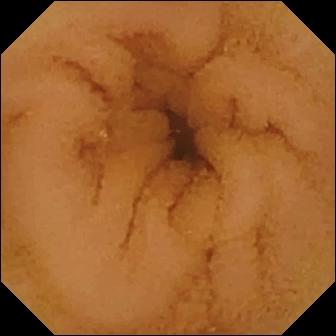modality: VCE
segment: small bowel
label: normal clean mucosa